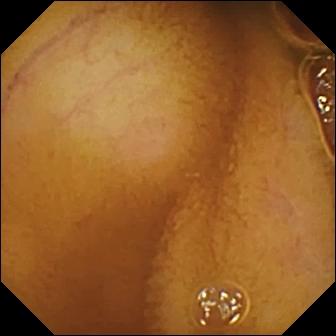PROCEDURE: VCE.
FINDINGS: Normal clean mucosa.